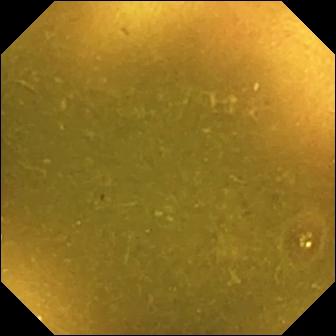Ileo-cecal valve region — WCE still.